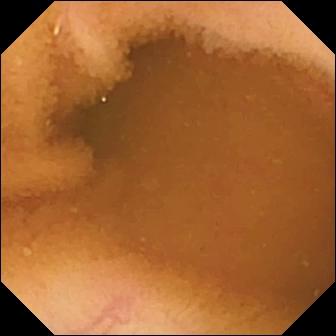This small-bowel capsule endoscopy image of the small intestine shows normal clean mucosa.